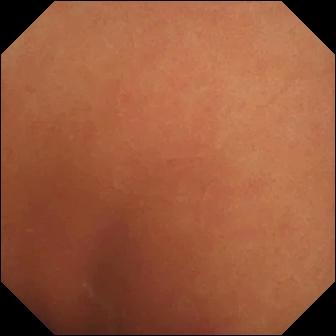- modality: wireless capsule endoscopy
- category: luminal finding
- finding: normal clean mucosa